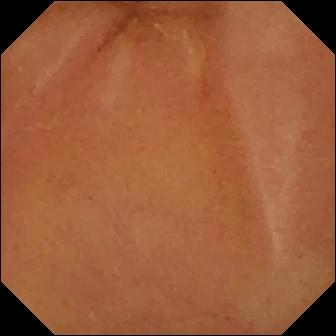Normal clean mucosa — WCE frame of the small intestine.